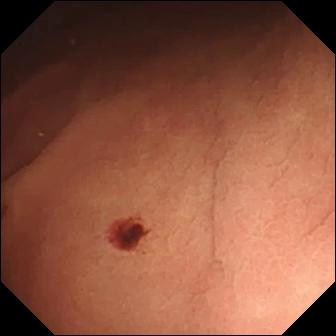modality: wireless capsule endoscopy | impression: angiectasia